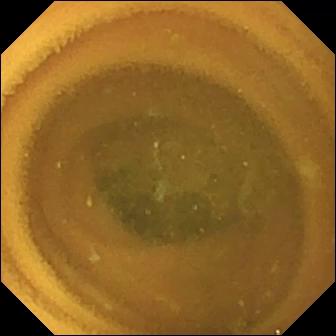Normal clean mucosa — VCE still of the small intestine.